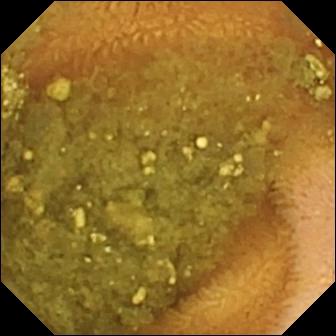- modality: small-bowel capsule endoscopy
- category: luminal finding
- finding: reduced mucosal view (content or bubbles obscuring the mucosa)